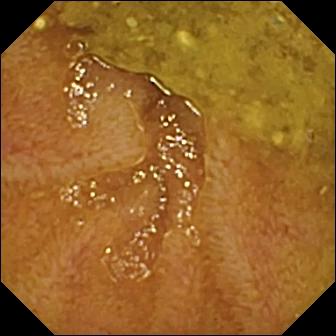This WCE view was taken in the ileo-cecal valve region (the transition from the small bowel to the large bowel).